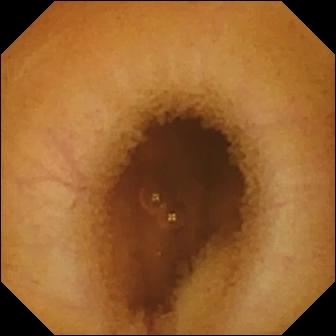- modality: capsule endoscopy
- finding: normal clean mucosa